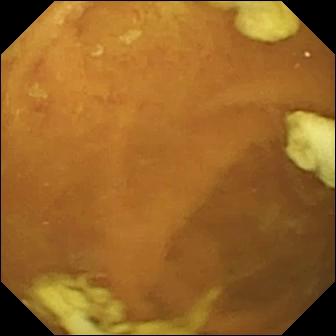modality: small-bowel capsule endoscopy
segment: small intestine
observation: normal clean mucosa